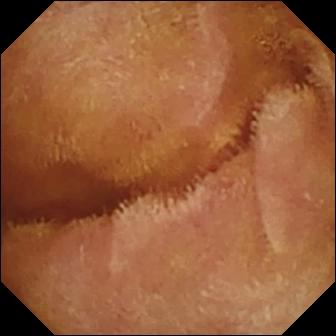Video capsule endoscopy frame showing normal clean mucosa.